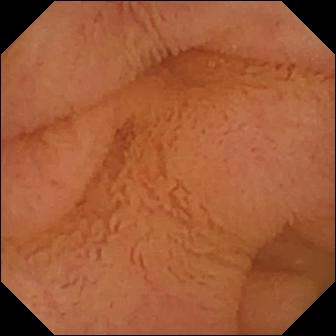Q: What does this capsule endoscopy snapshot show?
A: Normal clean mucosa.